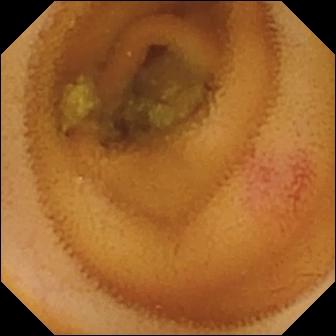WCE image showing angiectasia.